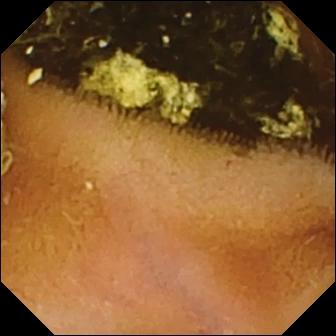PROCEDURE: Wireless capsule endoscopy.
SEGMENT: Small bowel.
FINDINGS: Normal clean mucosa.